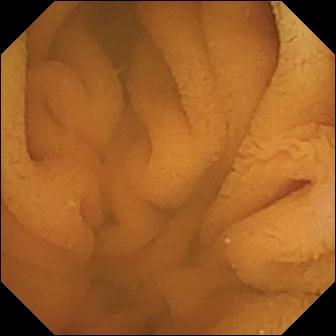Normal clean mucosa — wireless capsule endoscopy image.